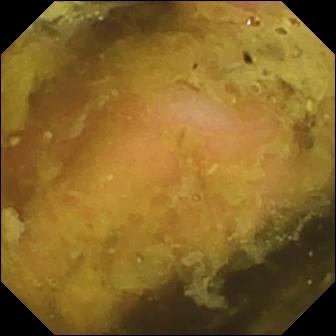Capsule endoscopy. Near an anatomical landmark. Label: ileo-cecal valve region (where the capsule passes from the small bowel into the large bowel).